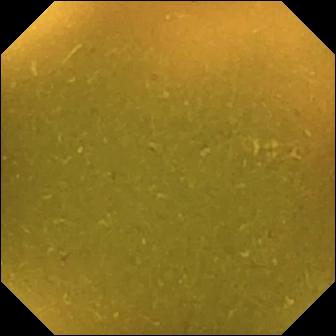Capsule endoscopy view taken in the ileo-cecal valve region (where the capsule passes from the small bowel into the large bowel).